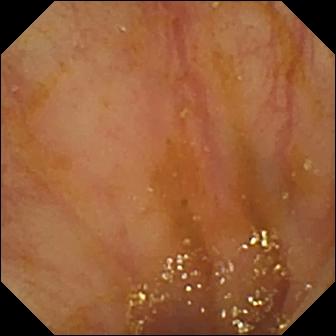Capsule endoscopy — ileo-cecal valve region.